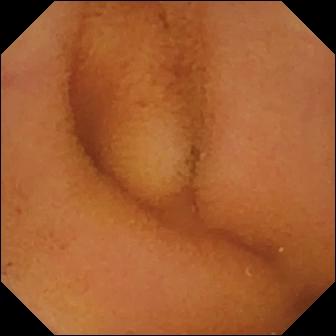Normal clean mucosa (336×336).